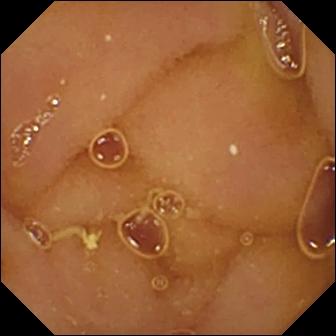{"modality": "wireless capsule endoscopy", "finding": "normal clean mucosa"}